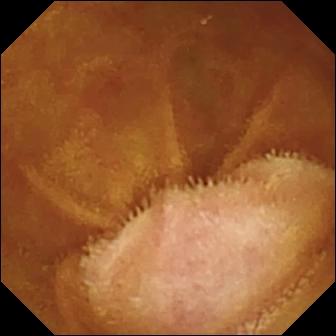Q: What does this capsule endoscopy view show?
A: Normal clean mucosa.